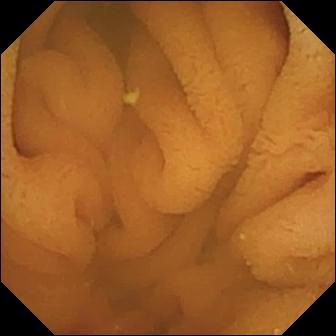VCE. Impression: normal clean mucosa.